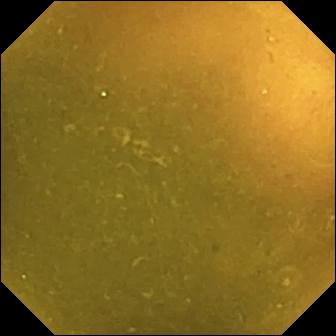WCE. Video segment: ileo-cecal valve region (where the capsule passes from the small bowel into the large bowel).